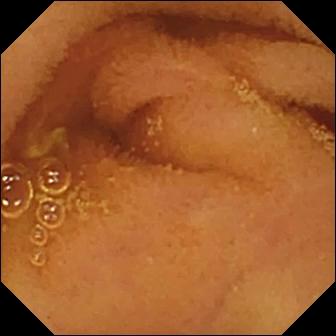Q: What does this VCE frame show?
A: Normal clean mucosa.